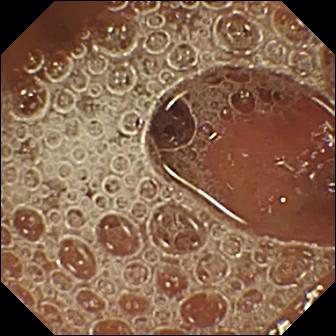This capsule endoscopy frame shows normal clean mucosa.